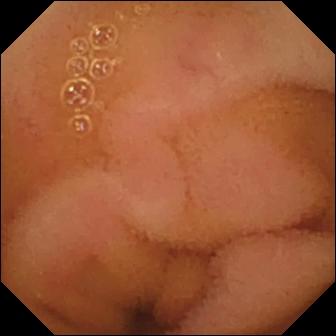Small-bowel capsule endoscopy frame (small intestine), 336×336. Normal clean mucosa.